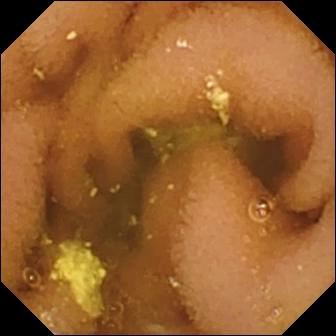PROCEDURE: Wireless capsule endoscopy.
FINDINGS: Lymphangiectasia.